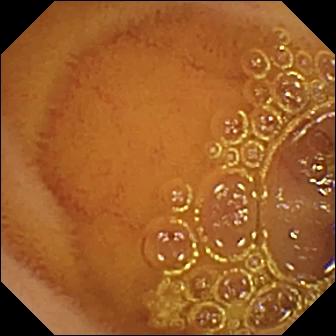modality: video capsule endoscopy | impression: normal clean mucosa